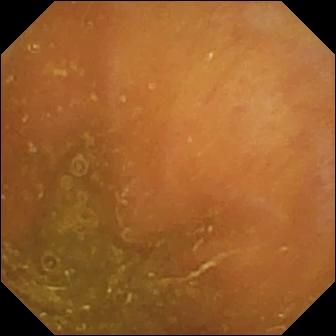Wireless capsule endoscopy — ileo-cecal valve region (the transition from the small bowel to the large bowel).